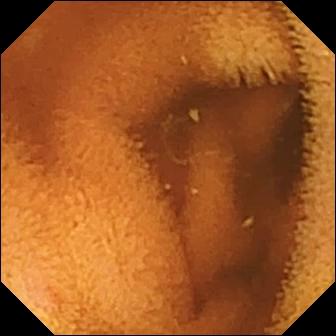Wireless capsule endoscopy image (small bowel). Normal clean mucosa.